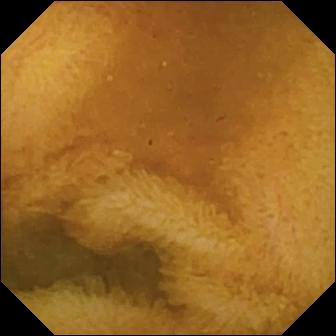Normal clean mucosa — wireless capsule endoscopy frame of the small bowel.